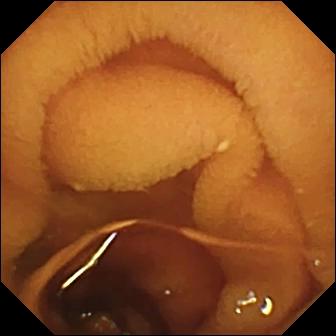Video capsule endoscopy frame, small intestine
Finding: normal clean mucosa